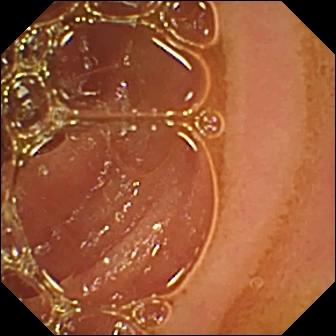Normal clean mucosa (336×336).